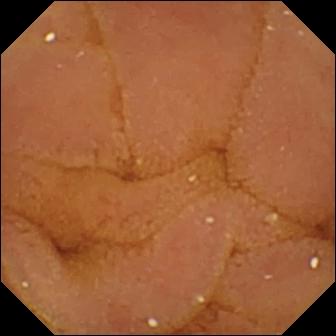modality: capsule endoscopy; segment: small intestine; finding: normal clean mucosa